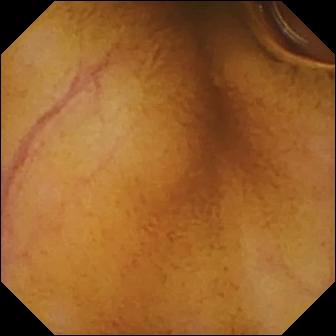This wireless capsule endoscopy view shows normal clean mucosa.